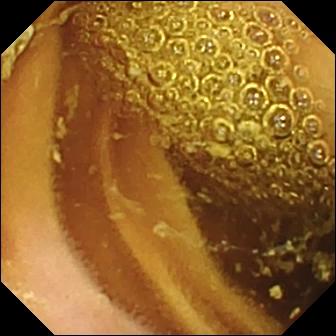VCE image, small intestine
Observation: normal clean mucosa